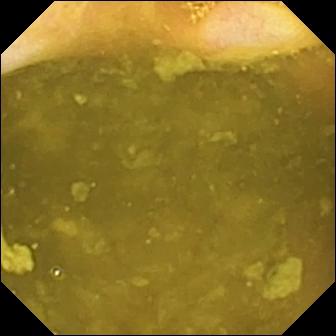Small-bowel capsule endoscopy snapshot taken in the ileo-cecal valve region.